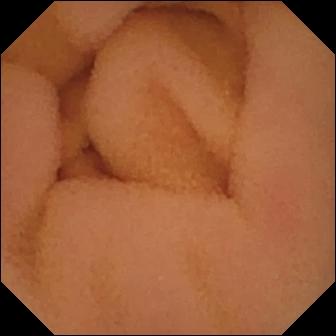Wireless capsule endoscopy — normal clean mucosa.